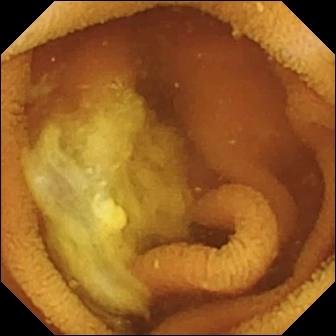modality: VCE | observation: normal clean mucosa